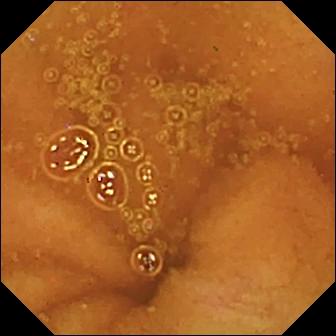Wireless capsule endoscopy. Small bowel. Label: normal clean mucosa.